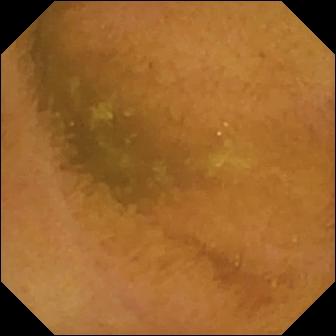modality: wireless capsule endoscopy
segment: small bowel
impression: normal clean mucosa